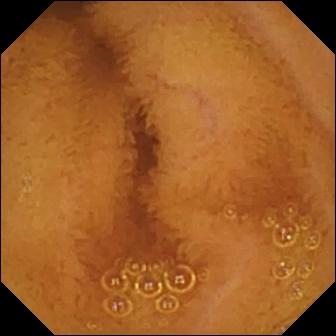Capsule endoscopy frame of the small intestine showing normal clean mucosa.